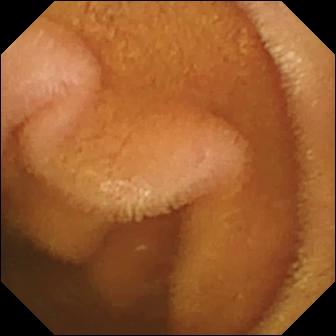Normal clean mucosa (336×336).